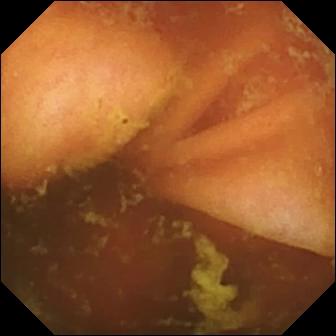Ileo-cecal valve region (the transition from the small bowel to the large bowel).